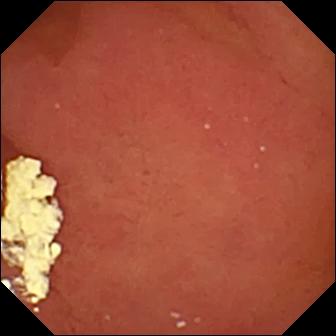Capsule endoscopy view
Label: pylorus region (where the capsule passes from the stomach into the small bowel)